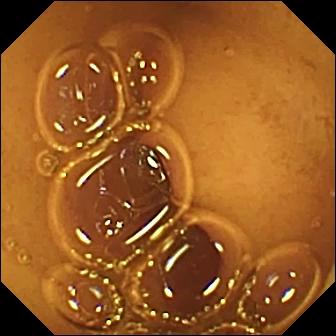VCE. Impression: normal clean mucosa.